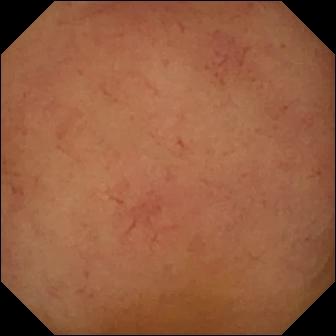{"modality": "small-bowel capsule endoscopy", "category": "luminal finding", "finding": "normal clean mucosa"}